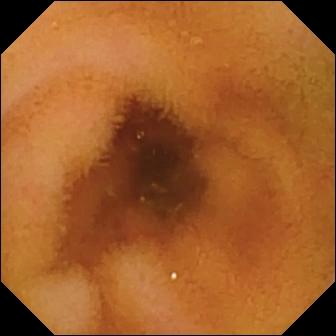Normal clean mucosa — video capsule endoscopy view.